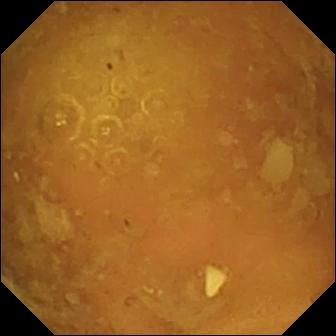VCE image. Reduced mucosal view (content or bubbles obscuring the mucosa).